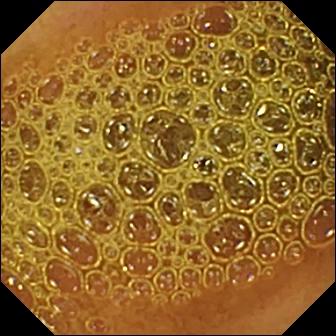This small-bowel capsule endoscopy frame of the small intestine shows reduced mucosal view (content or bubbles obscuring the mucosa).